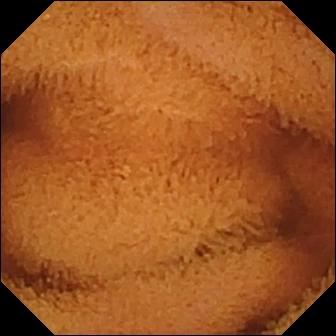This WCE view of the small intestine shows normal clean mucosa.